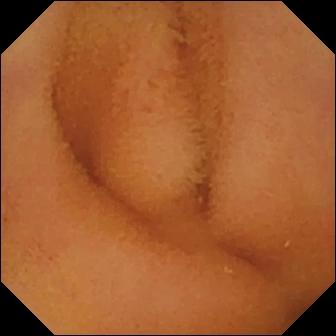PROCEDURE: Small-bowel capsule endoscopy.
SEGMENT: Small bowel.
FINDINGS: Normal clean mucosa.